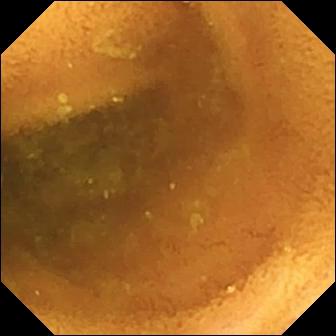Wireless capsule endoscopy snapshot. Normal clean mucosa.